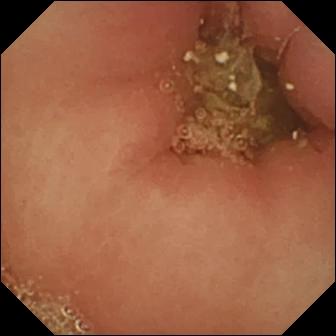PROCEDURE: Video capsule endoscopy.
VIDEO SEGMENT: Pylorus region (where the capsule passes from the stomach into the small bowel).